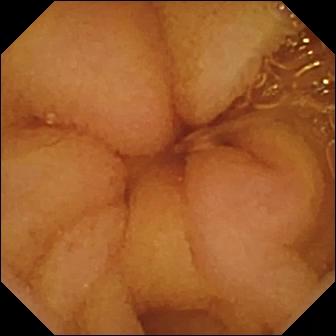Normal clean mucosa (336×336).